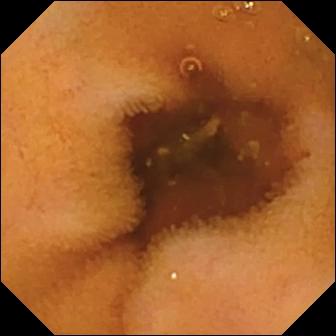Q: What does this WCE still of the small intestine show?
A: Normal clean mucosa.